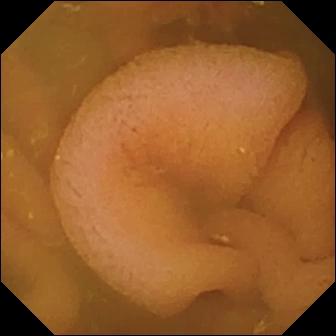Q: What does this VCE frame of the small intestine show?
A: Normal clean mucosa.